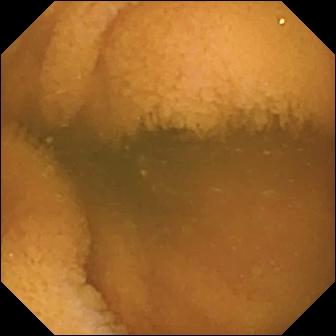VCE frame of the small bowel showing normal clean mucosa.